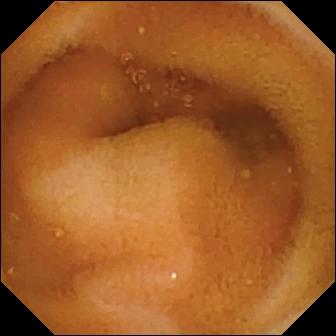{"modality": "video capsule endoscopy", "category": "luminal finding", "finding": "normal clean mucosa"}